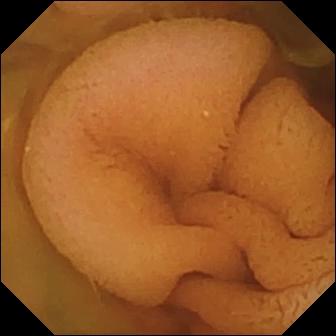Video capsule endoscopy. Small intestine. Label: normal clean mucosa.